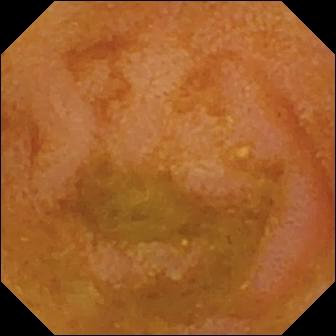VCE frame, small intestine
Finding: reduced mucosal view (content or bubbles obscuring the mucosa)